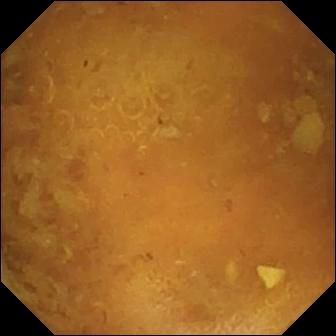WCE snapshot. Reduced mucosal view (content or bubbles obscuring the mucosa).